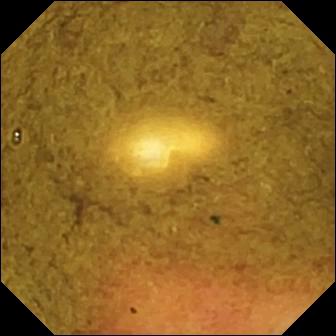{"modality": "VCE", "label": "ileo-cecal valve region (the transition from the small bowel to the large bowel)"}